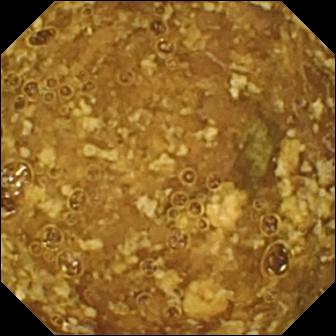{"modality": "capsule endoscopy", "segment": "small bowel", "finding": "reduced mucosal view (content or bubbles obscuring the mucosa)"}